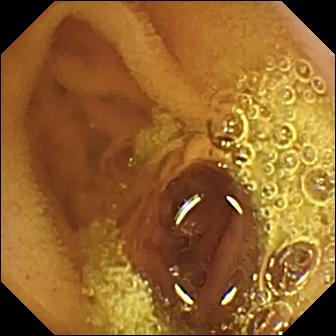{"modality": "VCE", "segment": "small bowel", "finding": "normal clean mucosa"}